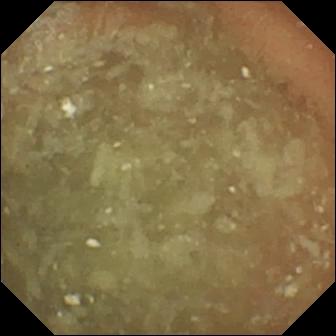PROCEDURE: VCE.
FINDINGS: Normal clean mucosa.